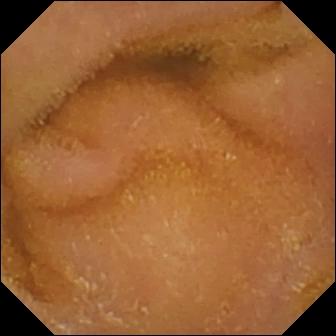This small-bowel capsule endoscopy still shows normal clean mucosa.